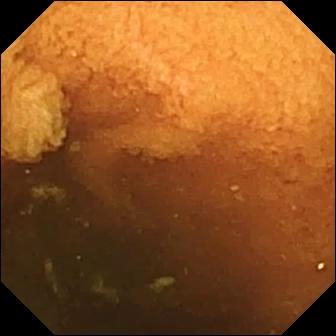Normal clean mucosa.